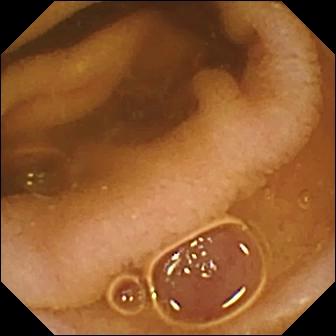VCE still, 336×336. Normal clean mucosa.